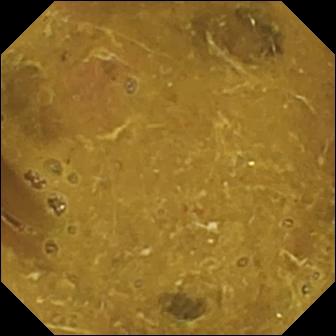modality: WCE; location: ileo-cecal valve region (the transition from the small bowel to the large bowel)